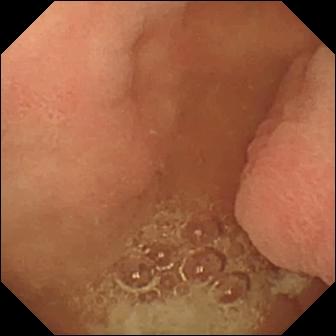Capsule endoscopy frame taken in the pylorus region (the junction between the stomach and the small bowel).